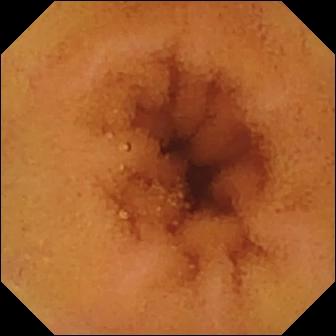Normal clean mucosa (336×336).